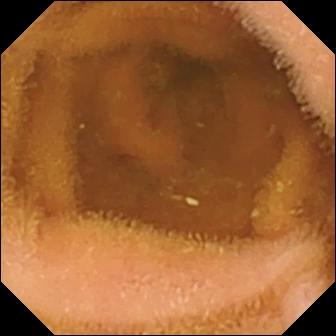Normal clean mucosa — video capsule endoscopy image of the small bowel.